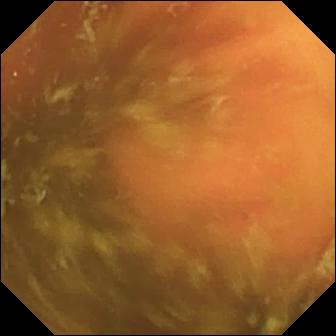Video capsule endoscopy frame taken in the ileo-cecal valve region (the transition from the small bowel to the large bowel).